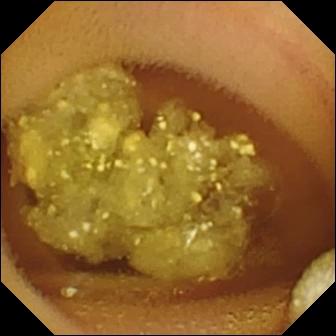- modality: WCE
- category: luminal finding
- label: lymphangiectasia